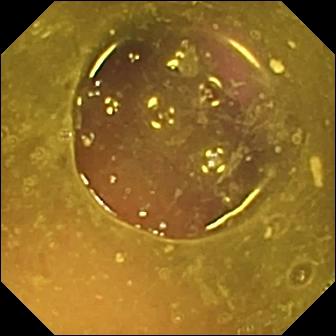{"modality": "VCE", "segment": "small intestine", "finding": "reduced mucosal view (content or bubbles obscuring the mucosa)"}